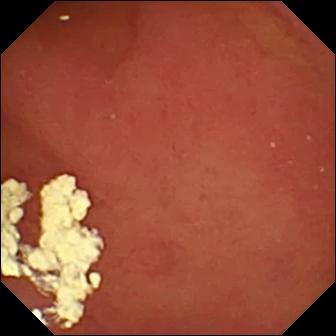Pylorus region (the junction between the stomach and the small bowel).